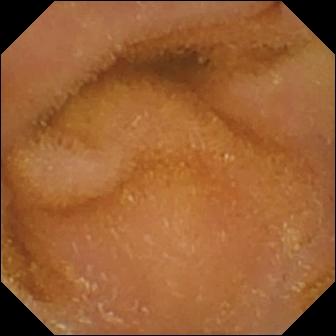Wireless capsule endoscopy. Small intestine. Observation: normal clean mucosa.